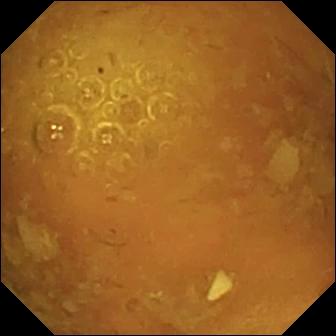This VCE view shows reduced mucosal view (content or bubbles obscuring the mucosa).